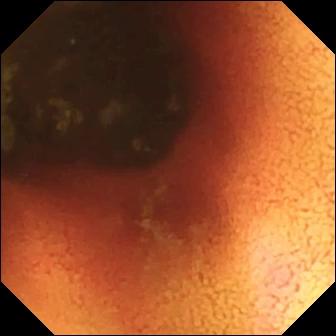VCE. Location: ileo-cecal valve region (the transition from the small bowel to the large bowel).